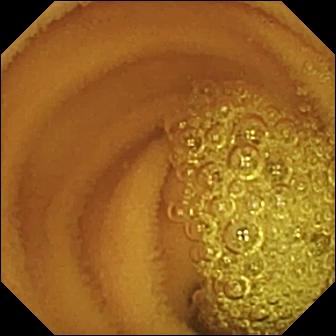This wireless capsule endoscopy still shows normal clean mucosa.